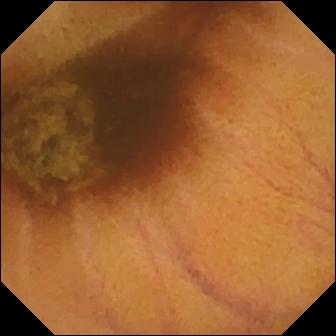- modality: capsule endoscopy
- category: luminal finding
- finding: normal clean mucosa